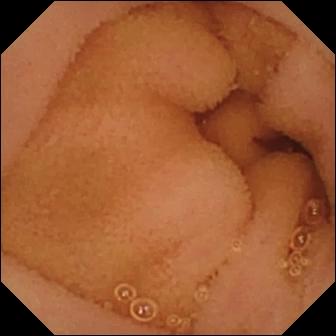PROCEDURE: Wireless capsule endoscopy.
SEGMENT: Small intestine.
FINDINGS: Normal clean mucosa.